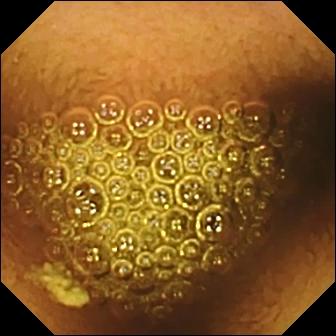PROCEDURE: Capsule endoscopy.
SEGMENT: Small bowel.
FINDINGS: Reduced mucosal view (content or bubbles obscuring the mucosa).